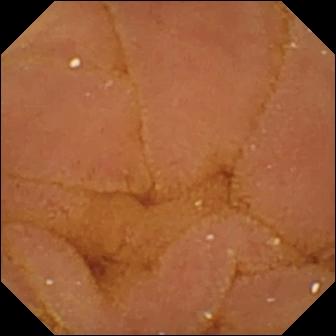Small-bowel capsule endoscopy — normal clean mucosa.